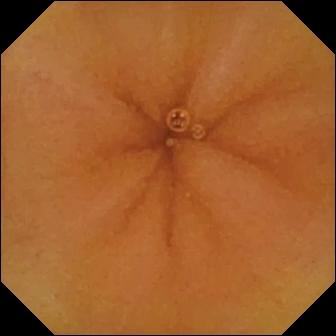WCE — normal clean mucosa.